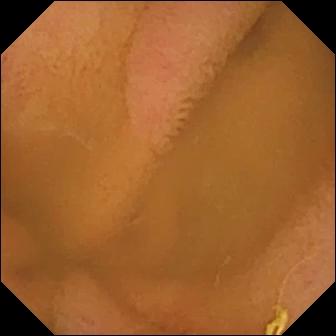{"modality": "VCE", "segment": "small intestine", "category": "luminal finding", "finding": "normal clean mucosa"}